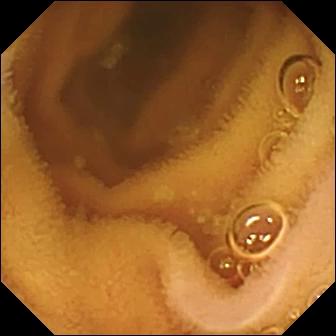This VCE frame shows normal clean mucosa.